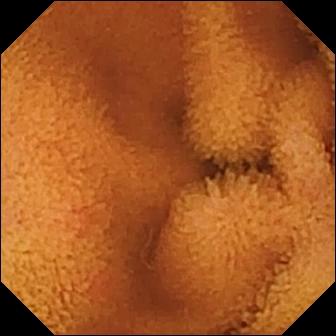{"modality": "video capsule endoscopy", "segment": "small intestine", "finding": "normal clean mucosa"}